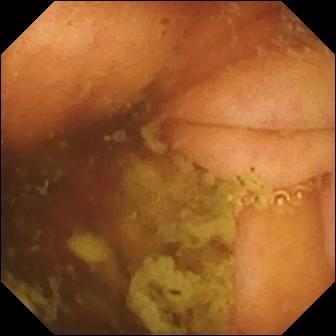Ileo-cecal valve region (the transition from the small bowel to the large bowel) — video capsule endoscopy image.